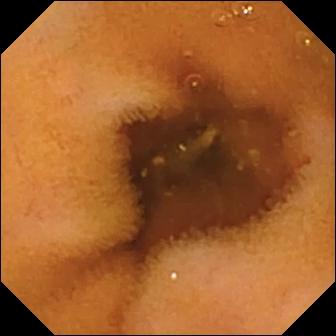Normal clean mucosa.